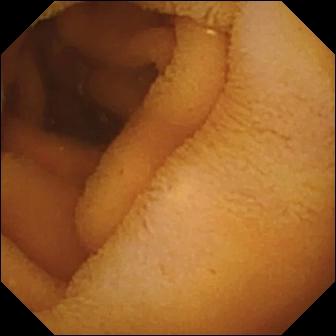Video capsule endoscopy still (small bowel), 336×336. Normal clean mucosa.